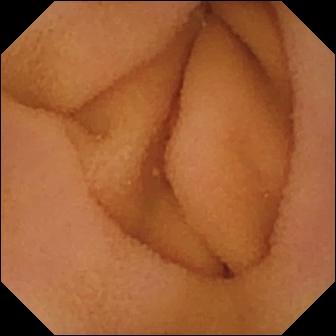modality: wireless capsule endoscopy; finding: normal clean mucosa